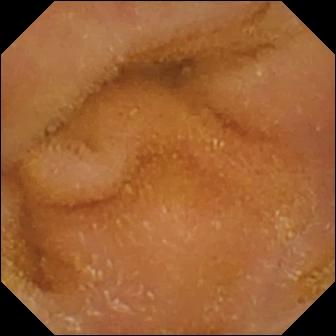Capsule endoscopy — normal clean mucosa.